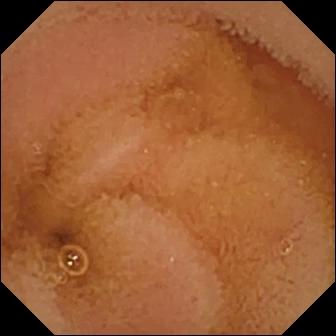This small-bowel capsule endoscopy still of the small intestine shows normal clean mucosa.